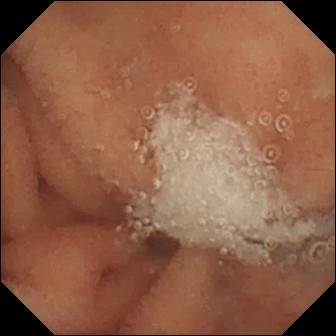Wireless capsule endoscopy snapshot of the small intestine showing normal clean mucosa.